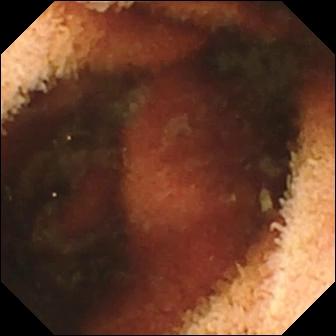modality: capsule endoscopy | label: fresh blood in the lumen